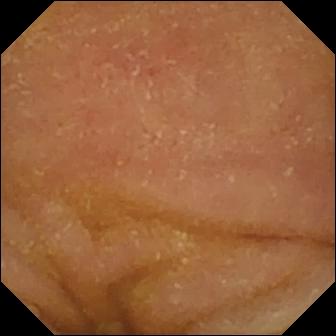Normal clean mucosa.